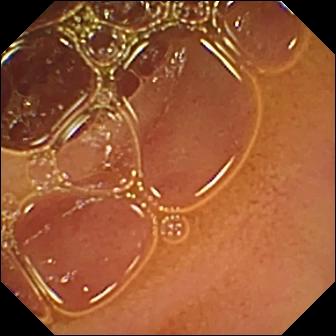- modality: wireless capsule endoscopy
- impression: normal clean mucosa